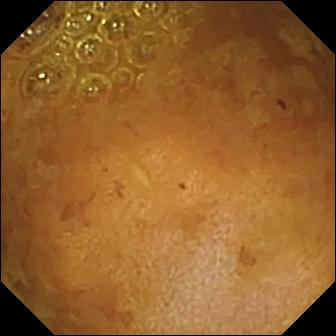Reduced mucosal view (content or bubbles obscuring the mucosa).